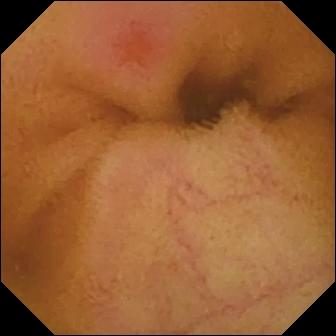Video capsule endoscopy still showing erythema (mucosal redness).